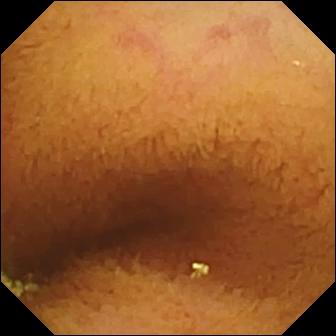Q: What does this video capsule endoscopy still show?
A: Normal clean mucosa.